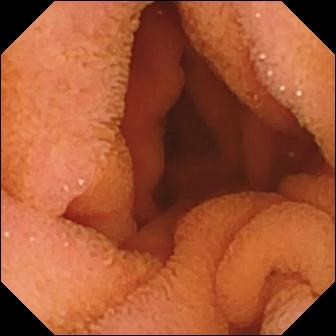Capsule endoscopy still (small intestine). Normal clean mucosa.